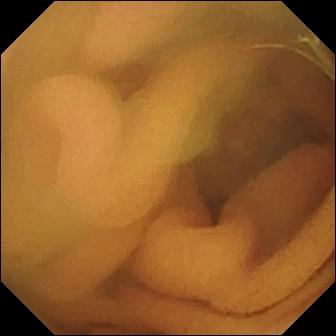WCE snapshot, small intestine
Label: normal clean mucosa